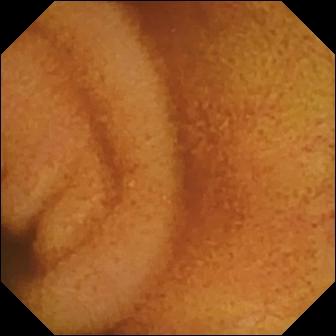PROCEDURE: Wireless capsule endoscopy.
FINDINGS: Normal clean mucosa.